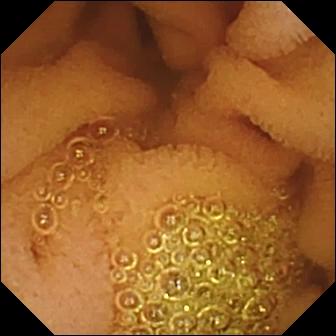- modality: wireless capsule endoscopy
- category: luminal finding
- observation: normal clean mucosa